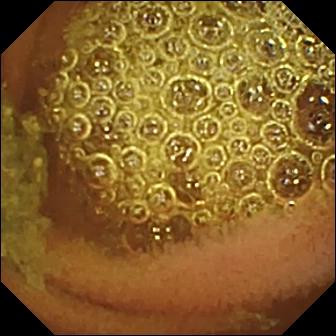VCE view, small bowel
Label: normal clean mucosa